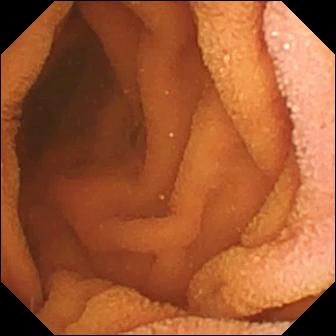Q: What does this VCE still show?
A: Normal clean mucosa.